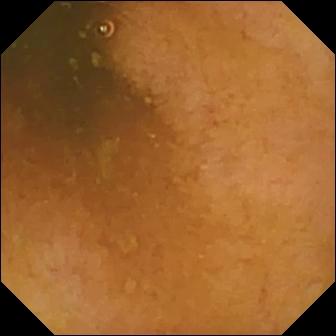- modality: video capsule endoscopy
- segment: small bowel
- impression: normal clean mucosa